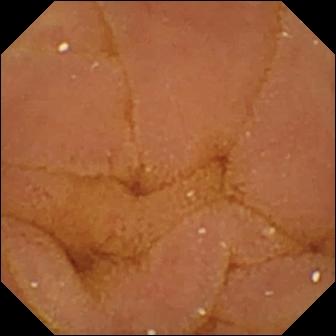This wireless capsule endoscopy still of the small intestine shows normal clean mucosa.